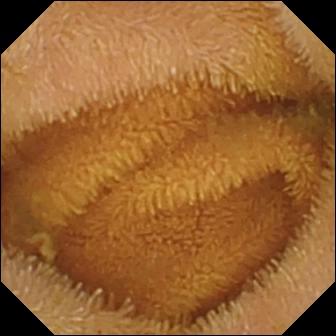{"modality": "VCE", "finding": "normal clean mucosa"}